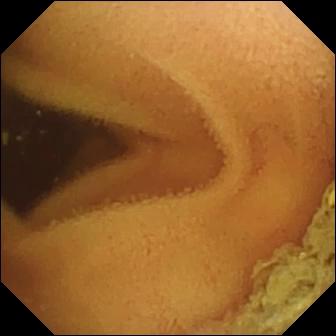Q: What does this VCE snapshot of the small intestine show?
A: Normal clean mucosa.